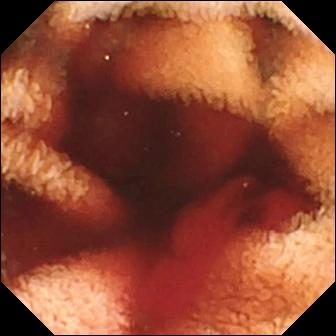modality: WCE
observation: fresh blood in the lumen